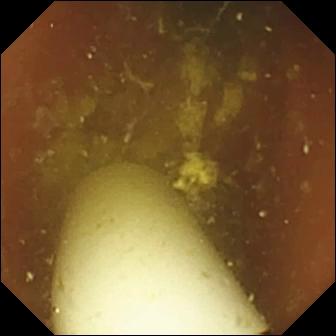Small-bowel capsule endoscopy view. Foreign body (e.g. retained capsule, tablet residue).